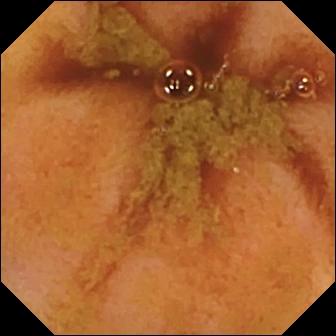{"modality": "small-bowel capsule endoscopy", "label": "ileo-cecal valve region (where the capsule passes from the small bowel into the large bowel)"}